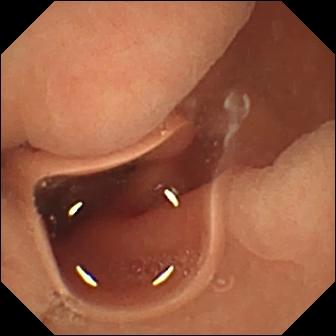Wireless capsule endoscopy image
Finding: normal clean mucosa